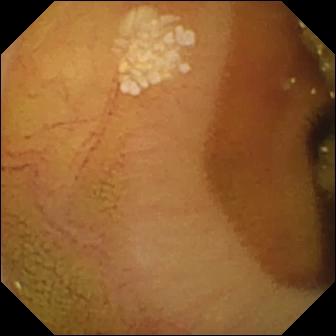Lymphangiectasia.